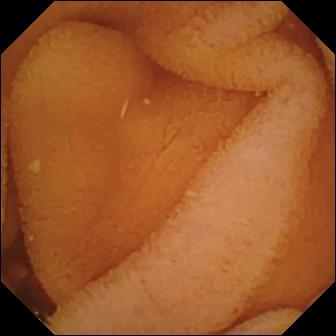This wireless capsule endoscopy view of the small bowel shows normal clean mucosa.